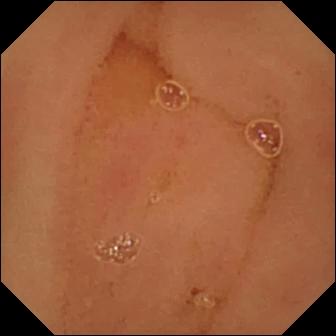PROCEDURE: WCE.
SEGMENT: Small bowel.
FINDINGS: Normal clean mucosa.